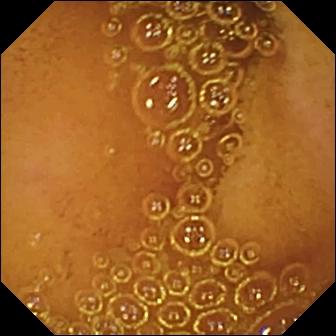PROCEDURE: VCE.
SEGMENT: Small bowel.
FINDINGS: Normal clean mucosa.